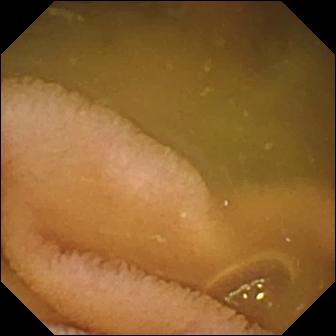modality: small-bowel capsule endoscopy | finding: normal clean mucosa